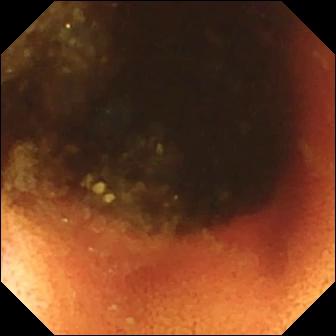modality: small-bowel capsule endoscopy
category: anatomical landmark
video segment: ileo-cecal valve region (the transition from the small bowel to the large bowel)